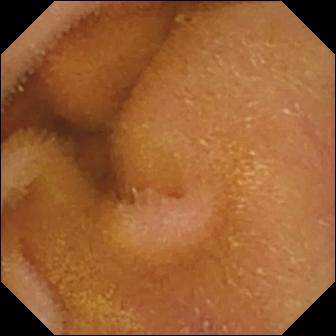- modality: wireless capsule endoscopy
- segment: small bowel
- impression: normal clean mucosa